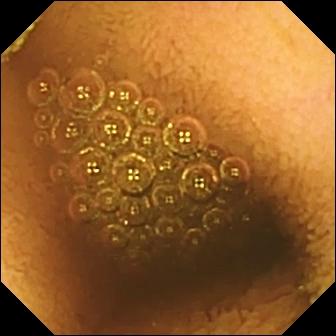Reduced mucosal view (content or bubbles obscuring the mucosa) (336×336).